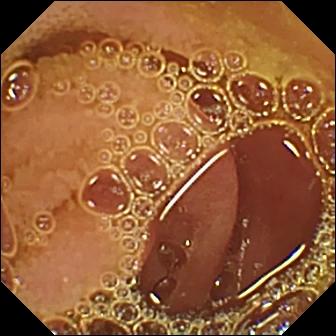Normal clean mucosa — VCE image of the small intestine.